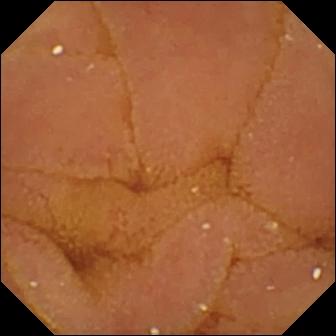Normal clean mucosa — small-bowel capsule endoscopy snapshot.